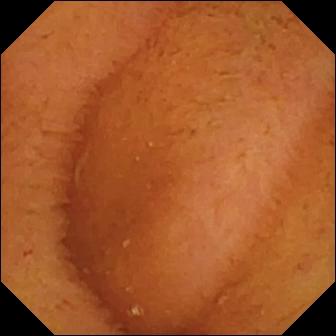Normal clean mucosa.